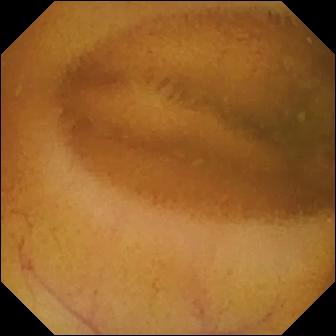{"modality": "video capsule endoscopy", "segment": "small intestine", "category": "luminal finding", "finding": "normal clean mucosa"}